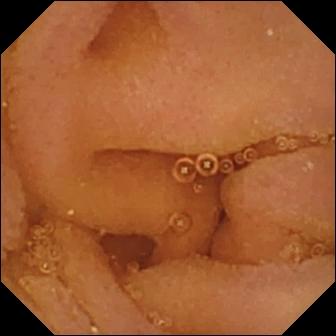Wireless capsule endoscopy image
Label: normal clean mucosa